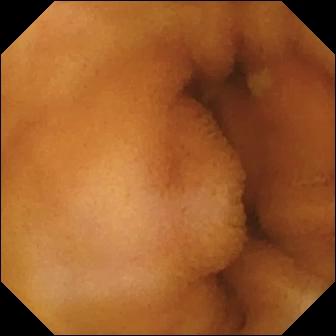- modality: WCE
- segment: small intestine
- label: normal clean mucosa